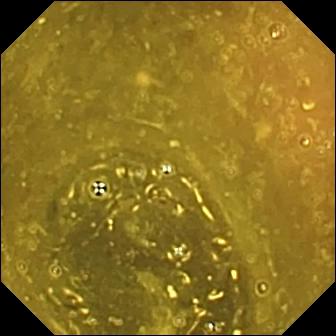- modality: wireless capsule endoscopy
- category: anatomical landmark
- position: ileo-cecal valve region (where the capsule passes from the small bowel into the large bowel)